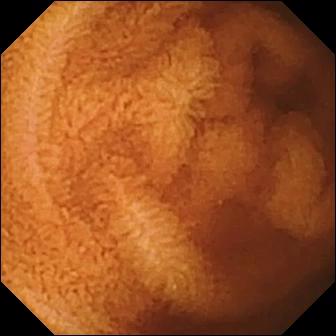Small-bowel capsule endoscopy. Small intestine. Impression: normal clean mucosa.